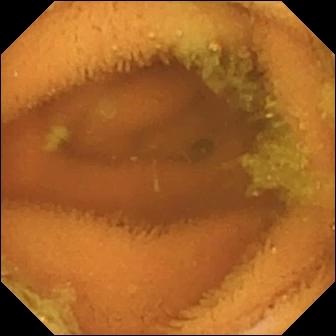Normal clean mucosa — wireless capsule endoscopy snapshot of the small intestine.